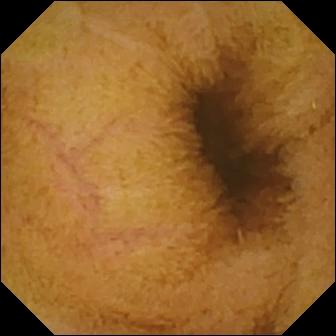Video capsule endoscopy. Label: normal clean mucosa.